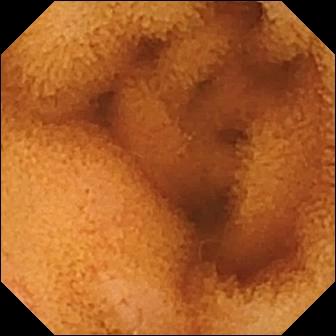WCE still (small intestine). Normal clean mucosa.